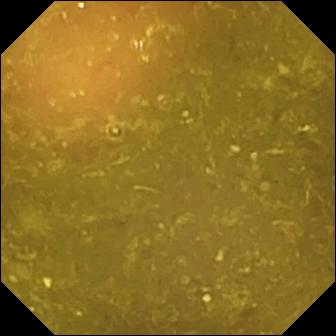Reduced mucosal view (content or bubbles obscuring the mucosa) — video capsule endoscopy snapshot of the small bowel.